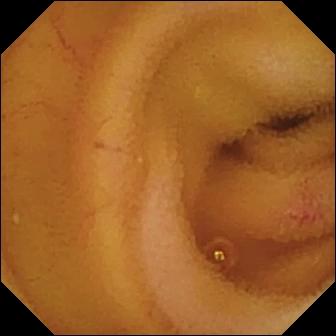Angiectasia — capsule endoscopy still.